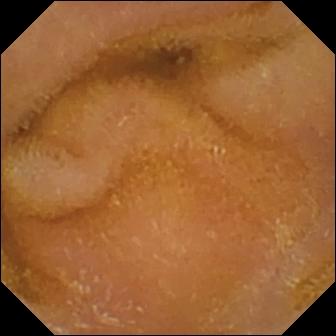Normal clean mucosa.